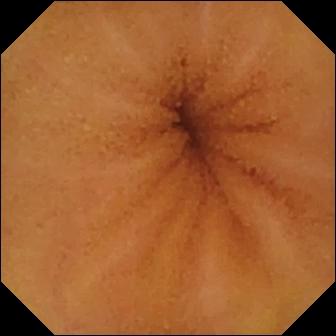Normal clean mucosa.